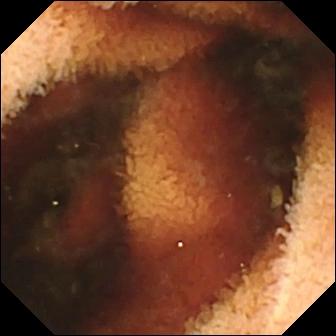Wireless capsule endoscopy image
Impression: fresh blood in the lumen